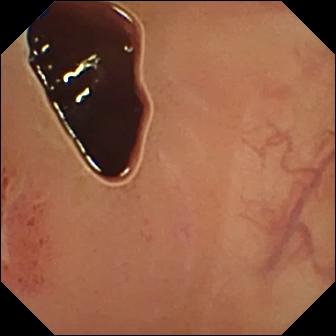- modality: VCE
- category: luminal finding
- finding: ulcer